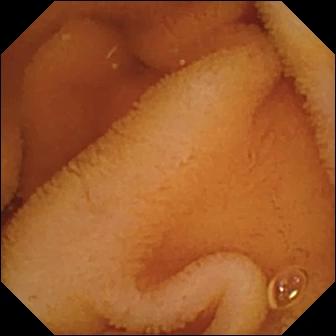PROCEDURE: Capsule endoscopy.
FINDINGS: Normal clean mucosa.